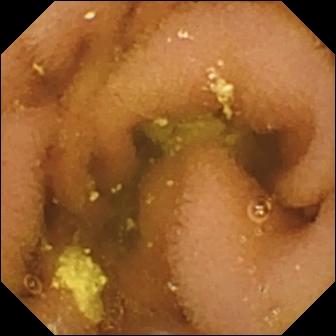- modality: small-bowel capsule endoscopy
- category: luminal finding
- observation: lymphangiectasia